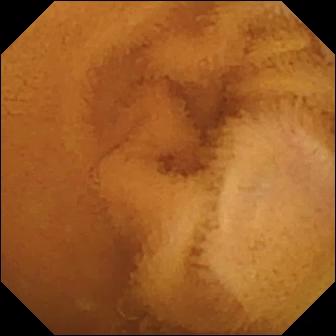Wireless capsule endoscopy — normal clean mucosa.